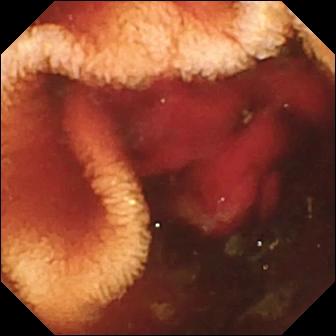Fresh blood in the lumen (336×336).